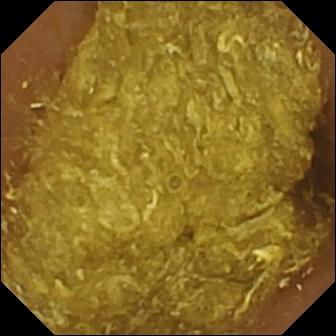modality: small-bowel capsule endoscopy | segment: small bowel | observation: reduced mucosal view (content or bubbles obscuring the mucosa)